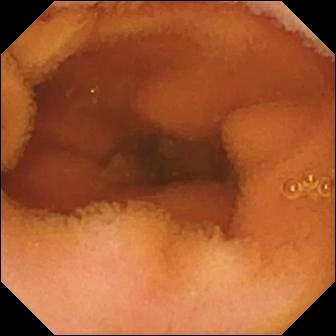Normal clean mucosa.